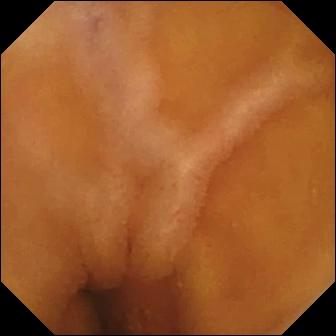Q: What does this capsule endoscopy frame show?
A: Normal clean mucosa.